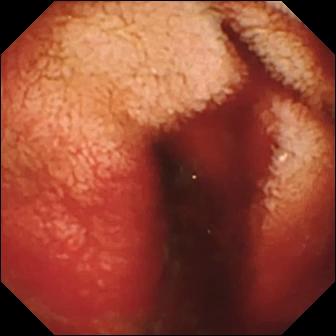Small-bowel capsule endoscopy still, 336×336. Fresh blood in the lumen.